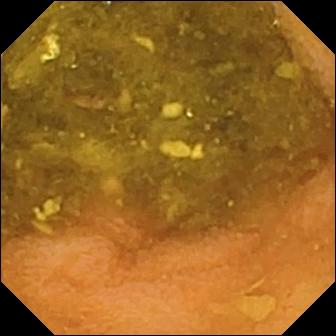- modality: capsule endoscopy
- label: normal clean mucosa